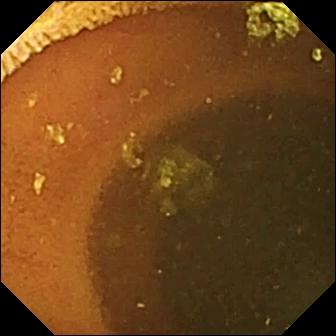WCE image, 336×336. Normal clean mucosa.